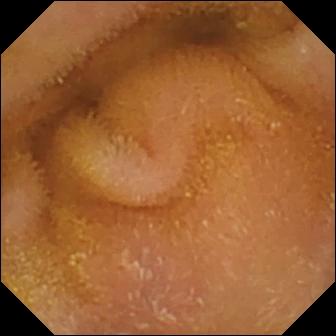VCE view of the small bowel showing normal clean mucosa.